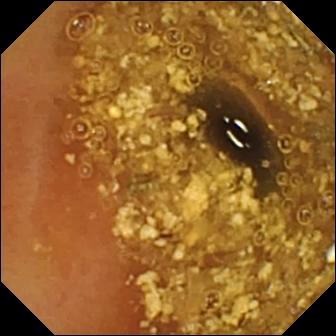Wireless capsule endoscopy frame of the small intestine showing reduced mucosal view (content or bubbles obscuring the mucosa).